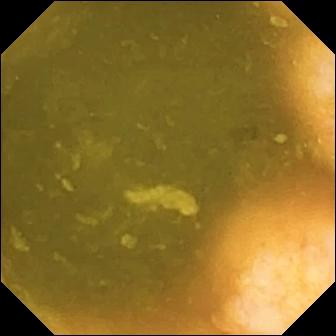Video capsule endoscopy image
Label: ileo-cecal valve region (where the capsule passes from the small bowel into the large bowel)